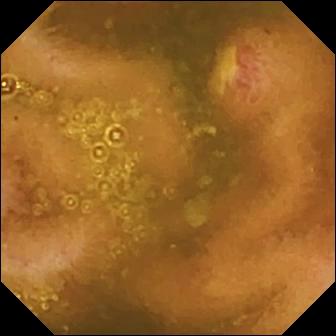{"modality": "VCE", "category": "luminal finding", "finding": "ulcer"}